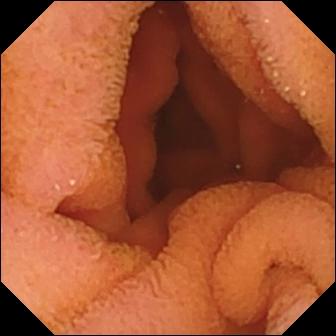- modality: VCE
- impression: normal clean mucosa